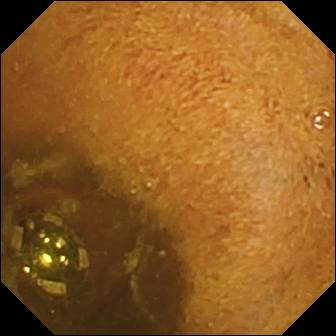{"modality": "capsule endoscopy", "finding": "foreign body (e.g. retained capsule, tablet residue)"}